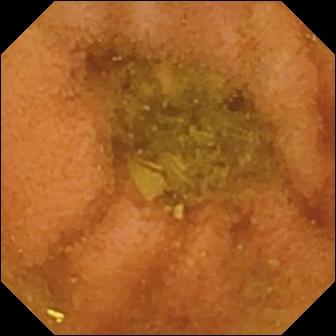Normal clean mucosa.